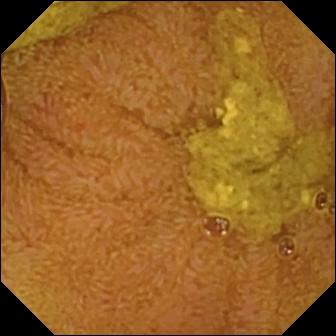VCE view
Label: ileo-cecal valve region (where the capsule passes from the small bowel into the large bowel)